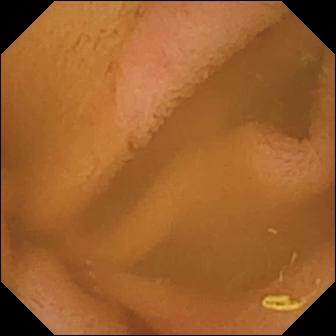Capsule endoscopy image of the small bowel showing normal clean mucosa.